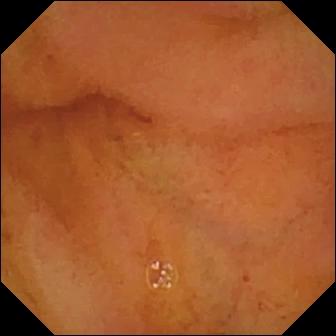Video capsule endoscopy view, small intestine
Observation: normal clean mucosa